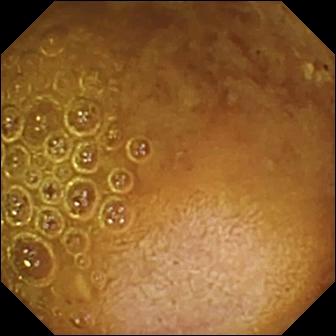{"modality": "wireless capsule endoscopy", "finding": "reduced mucosal view (content or bubbles obscuring the mucosa)"}